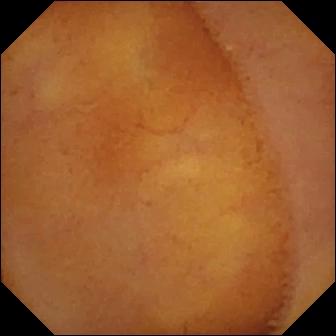Normal clean mucosa (336×336).